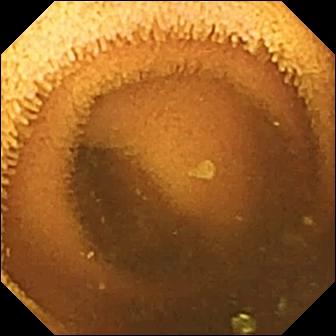{"modality": "wireless capsule endoscopy", "category": "luminal finding", "finding": "normal clean mucosa"}